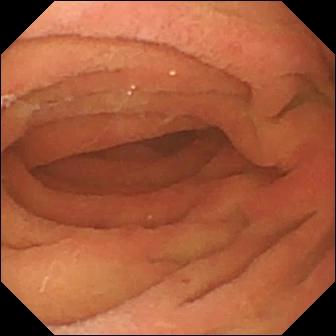Wireless capsule endoscopy. Video segment: pylorus region.